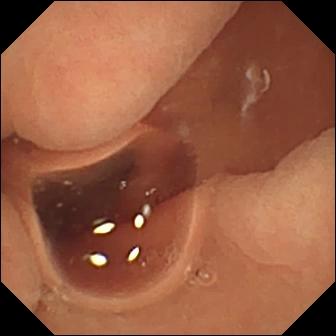modality: wireless capsule endoscopy
impression: normal clean mucosa